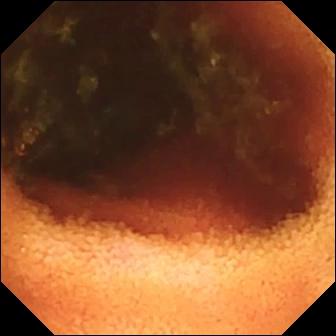VCE frame
Video segment: ileo-cecal valve region (the transition from the small bowel to the large bowel)